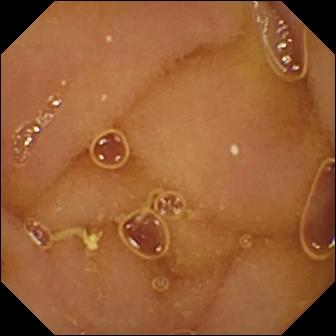Wireless capsule endoscopy — normal clean mucosa.